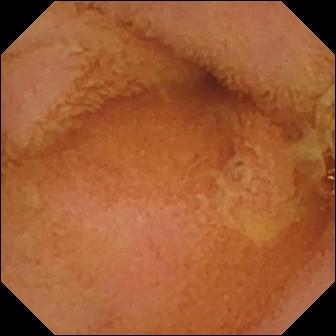Q: What does this wireless capsule endoscopy frame show?
A: Normal clean mucosa.